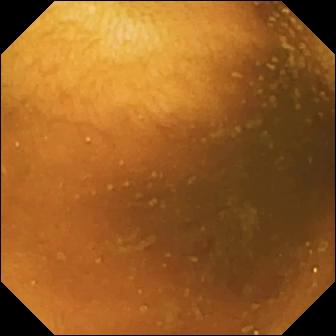modality: VCE | finding: normal clean mucosa